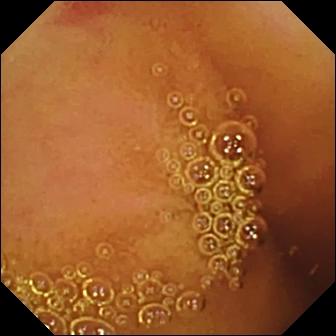{"modality": "video capsule endoscopy", "category": "luminal finding", "finding": "angiectasia"}